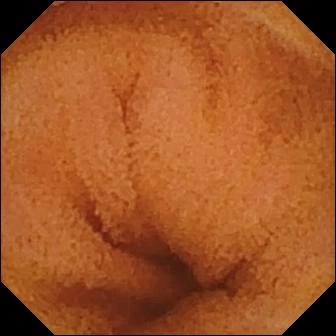Video capsule endoscopy snapshot
Impression: normal clean mucosa